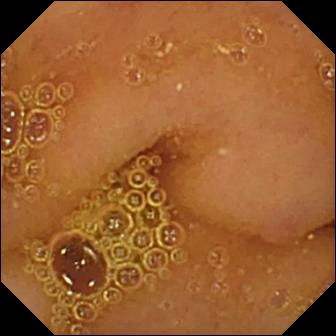{"modality": "video capsule endoscopy", "finding": "normal clean mucosa"}